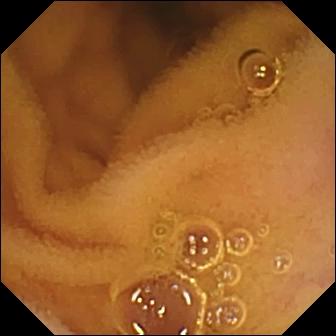Q: What does this small-bowel capsule endoscopy frame show?
A: Normal clean mucosa.